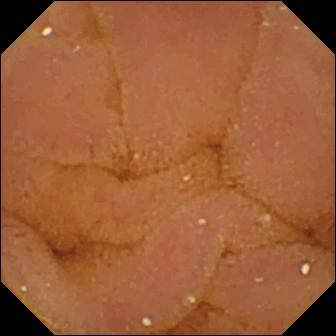Normal clean mucosa.